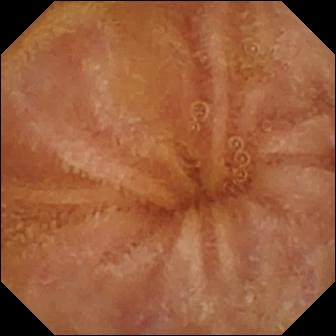Capsule endoscopy. Small intestine. Luminal finding. Impression: normal clean mucosa.